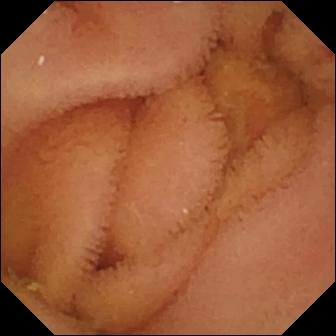VCE snapshot (small intestine). Normal clean mucosa.